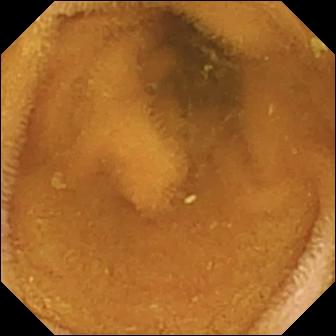WCE image (small intestine). Normal clean mucosa.